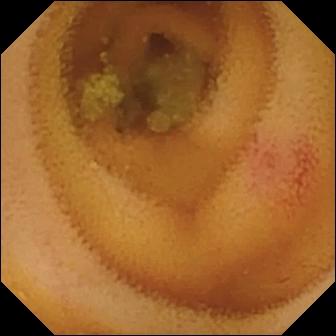Capsule endoscopy image. Angiectasia.